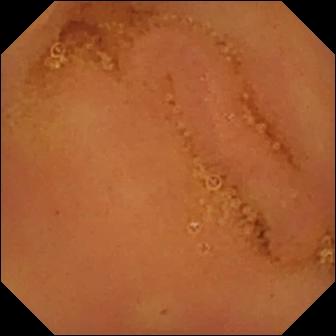Q: What does this video capsule endoscopy image of the small intestine show?
A: Normal clean mucosa.